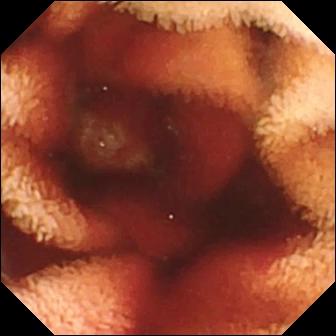Q: What does this small-bowel capsule endoscopy snapshot show?
A: Fresh blood in the lumen.